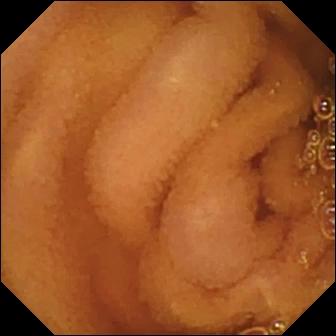Small-bowel capsule endoscopy. Small intestine. Label: normal clean mucosa.